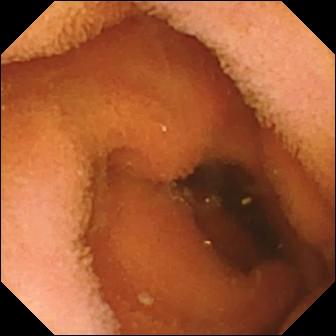{"modality": "VCE", "finding": "normal clean mucosa"}